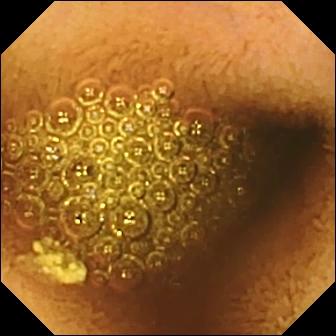{"modality": "capsule endoscopy", "finding": "reduced mucosal view (content or bubbles obscuring the mucosa)"}